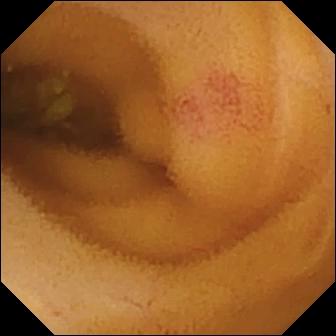PROCEDURE: Small-bowel capsule endoscopy.
FINDINGS: Angiectasia.